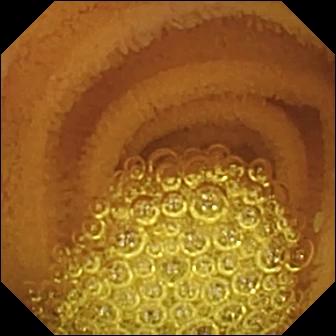PROCEDURE: Wireless capsule endoscopy.
SEGMENT: Small intestine.
FINDINGS: Normal clean mucosa.